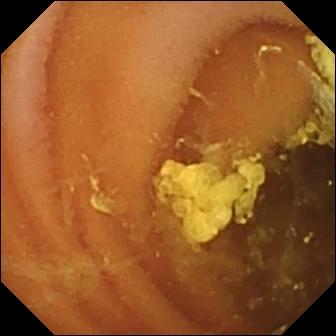- modality: video capsule endoscopy
- impression: normal clean mucosa